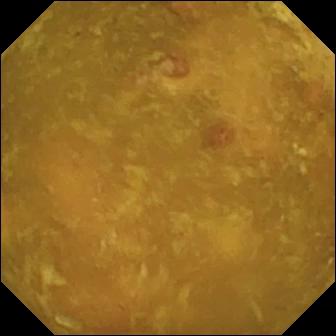Small-bowel capsule endoscopy. Finding: reduced mucosal view (content or bubbles obscuring the mucosa).